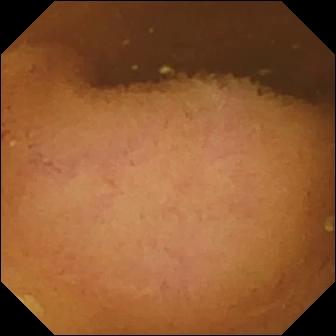PROCEDURE: VCE.
SEGMENT: Small bowel.
FINDINGS: Normal clean mucosa.